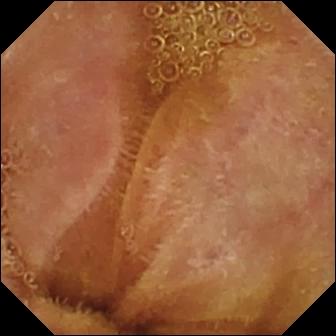VCE snapshot of the small bowel showing normal clean mucosa.